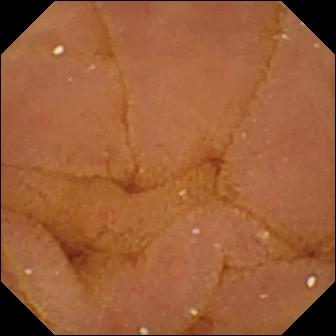{"modality": "WCE", "category": "luminal finding", "finding": "normal clean mucosa"}